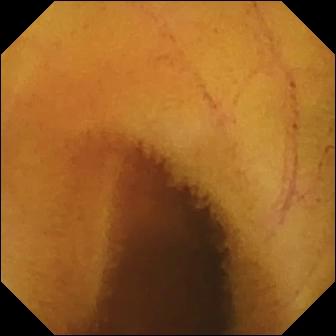Normal clean mucosa (336×336).